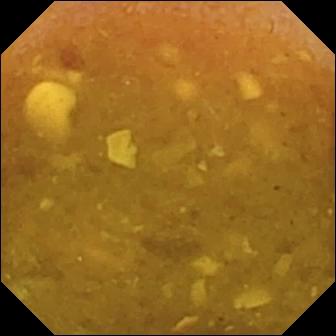modality: capsule endoscopy; observation: reduced mucosal view (content or bubbles obscuring the mucosa)